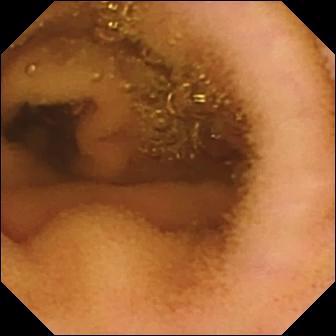Small-bowel capsule endoscopy snapshot showing normal clean mucosa.